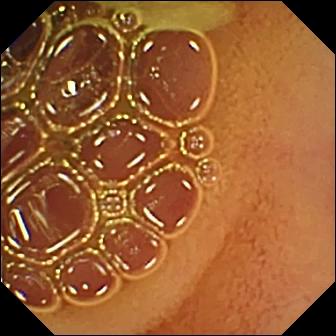Normal clean mucosa — small-bowel capsule endoscopy image of the small intestine.